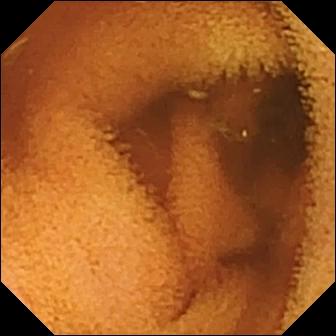Video capsule endoscopy snapshot showing normal clean mucosa.